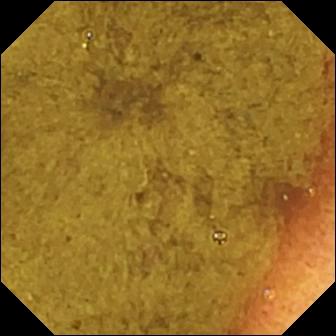Q: Where in the digestive tract was this capsule endoscopy frame taken?
A: Ileo-cecal valve region.